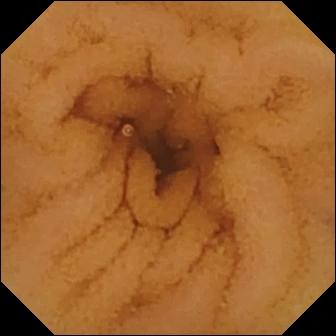PROCEDURE: Wireless capsule endoscopy.
SEGMENT: Small intestine.
FINDINGS: Normal clean mucosa.